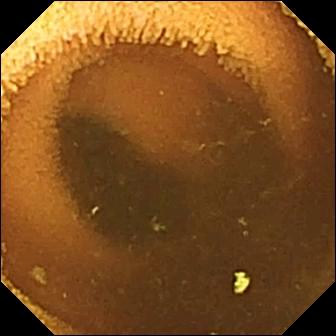Wireless capsule endoscopy frame showing normal clean mucosa.